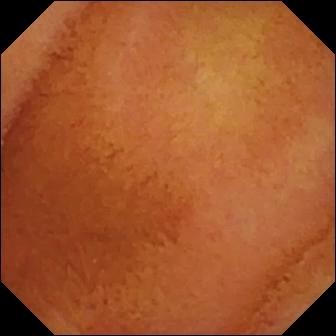Normal clean mucosa.